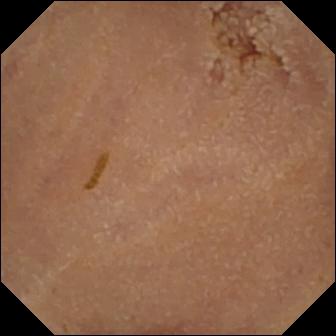PROCEDURE: Small-bowel capsule endoscopy.
SEGMENT: Small bowel.
FINDINGS: Normal clean mucosa.